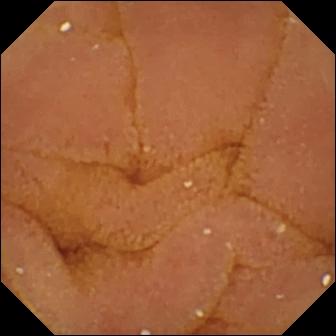This capsule endoscopy snapshot of the small bowel shows normal clean mucosa.